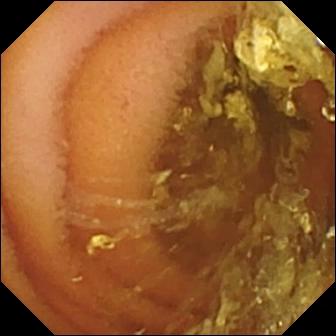Normal clean mucosa.